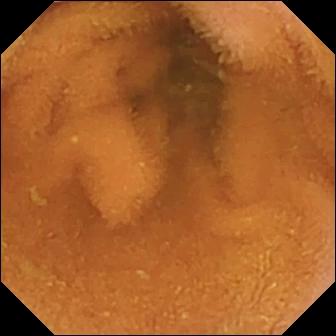Q: What does this video capsule endoscopy image show?
A: Normal clean mucosa.